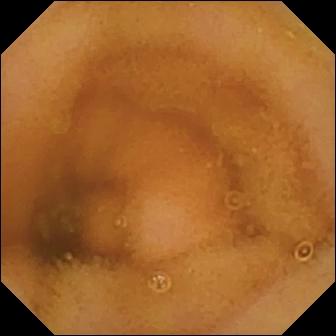{"modality": "capsule endoscopy", "segment": "small intestine", "category": "luminal finding", "finding": "normal clean mucosa"}